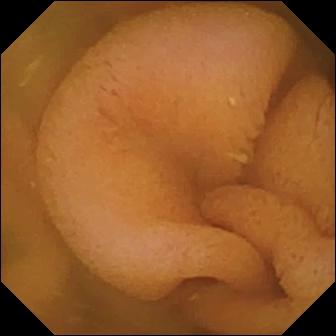Small-bowel capsule endoscopy frame. Normal clean mucosa.